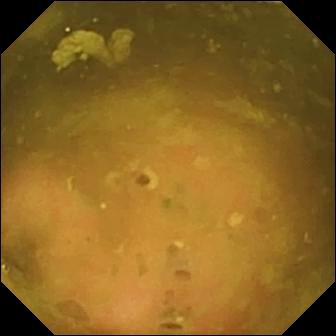Small-bowel capsule endoscopy snapshot taken in the ileo-cecal valve region (the transition from the small bowel to the large bowel).